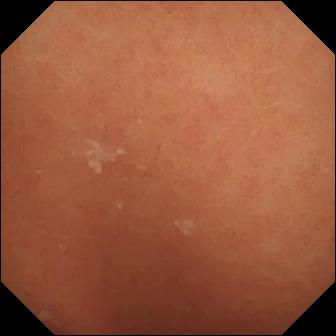Q: What does this wireless capsule endoscopy still show?
A: Normal clean mucosa.